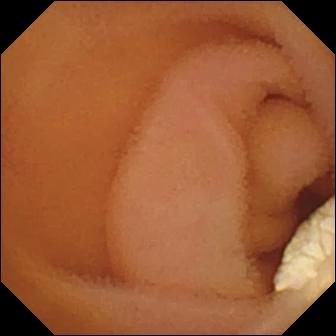PROCEDURE: Wireless capsule endoscopy.
FINDINGS: Lymphangiectasia.